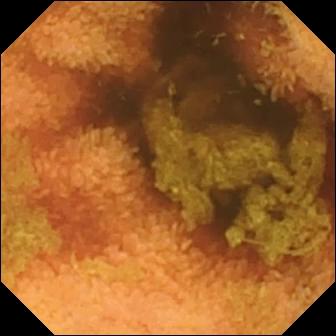VCE — normal clean mucosa.